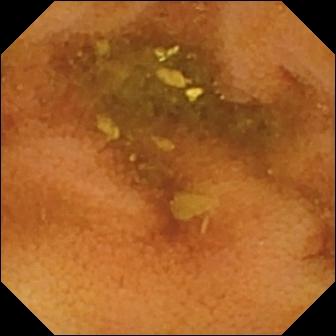Wireless capsule endoscopy. Finding: normal clean mucosa.